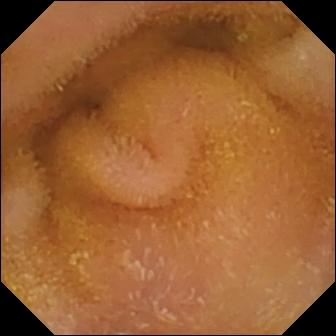WCE frame of the small bowel showing normal clean mucosa.